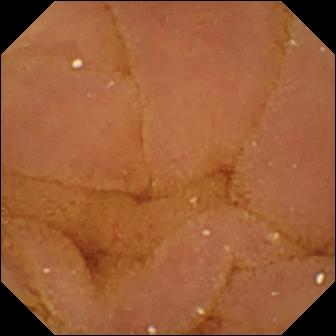VCE image
Observation: normal clean mucosa